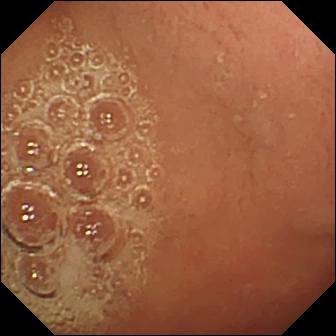Capsule endoscopy view taken in the pylorus region (the junction between the stomach and the small bowel).